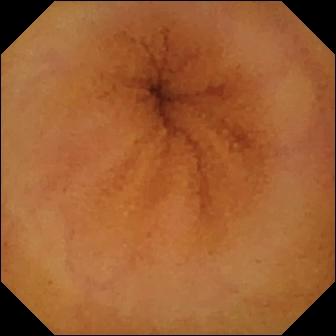Normal clean mucosa.